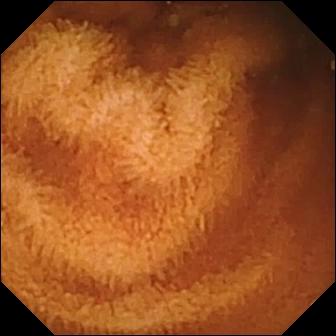{"modality": "wireless capsule endoscopy", "finding": "normal clean mucosa"}